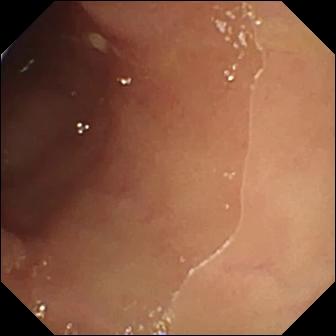Video capsule endoscopy image
Finding: ulcer